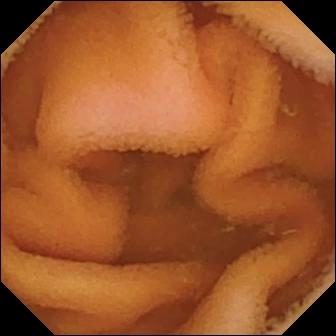Small-bowel capsule endoscopy. Observation: normal clean mucosa.